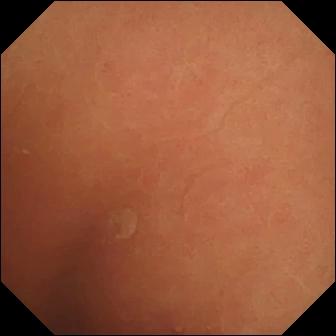PROCEDURE: Video capsule endoscopy.
FINDINGS: Normal clean mucosa.